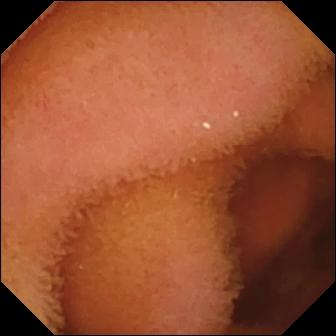Wireless capsule endoscopy still of the small intestine showing normal clean mucosa.